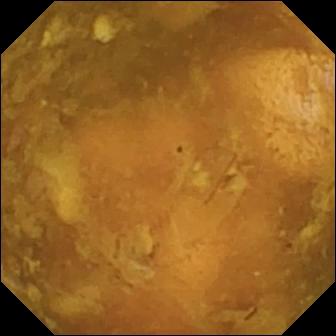{"modality": "capsule endoscopy", "finding": "reduced mucosal view (content or bubbles obscuring the mucosa)"}